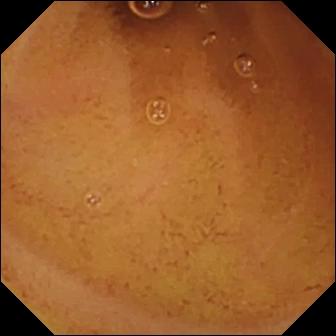PROCEDURE: Small-bowel capsule endoscopy.
SEGMENT: Small intestine.
FINDINGS: Normal clean mucosa.